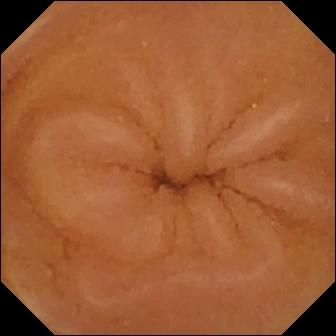Normal clean mucosa — wireless capsule endoscopy snapshot of the small intestine.